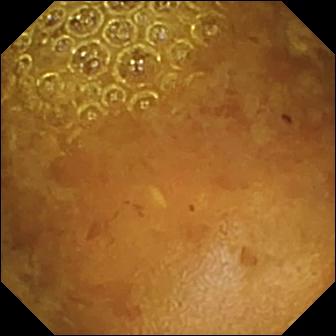{"modality": "WCE", "finding": "reduced mucosal view (content or bubbles obscuring the mucosa)"}